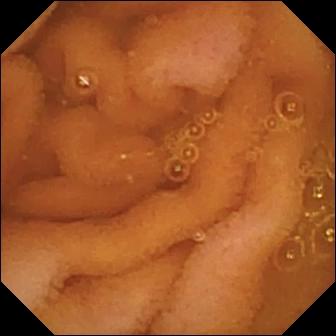Normal clean mucosa — WCE view.